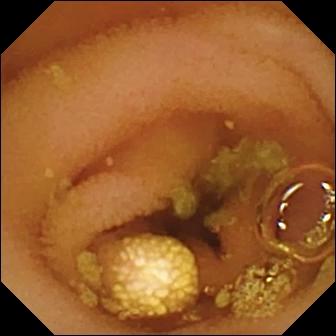WCE frame
Impression: lymphangiectasia